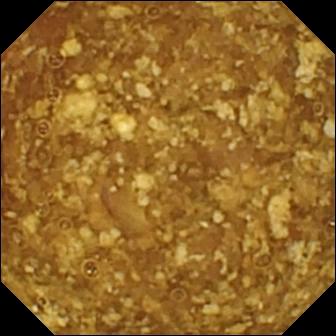WCE — reduced mucosal view (content or bubbles obscuring the mucosa).